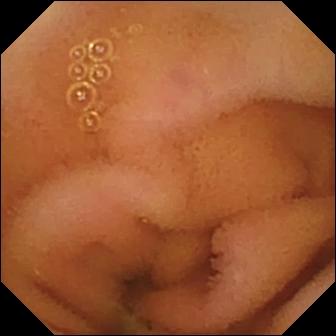Video capsule endoscopy image. Normal clean mucosa.